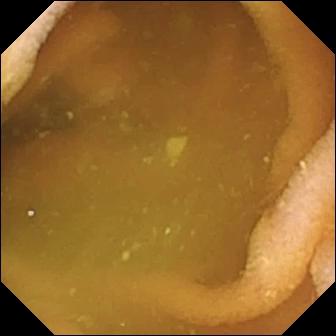Capsule endoscopy frame, small bowel
Observation: normal clean mucosa